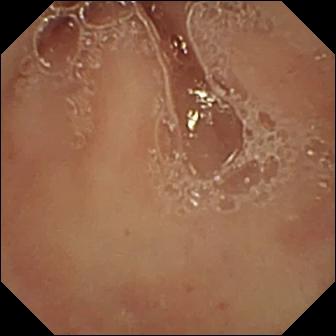Pylorus region (the junction between the stomach and the small bowel) — video capsule endoscopy snapshot.